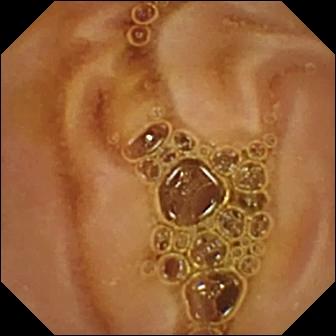Normal clean mucosa.